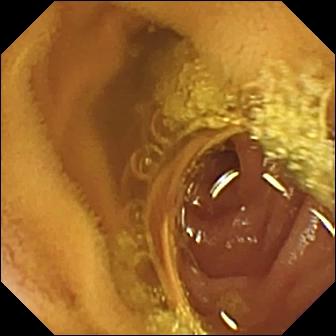Normal clean mucosa.